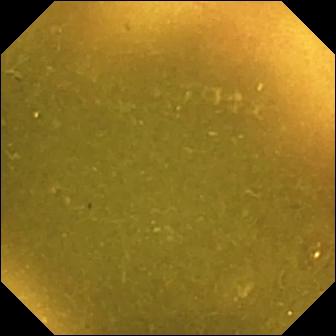Video capsule endoscopy — ileo-cecal valve region.